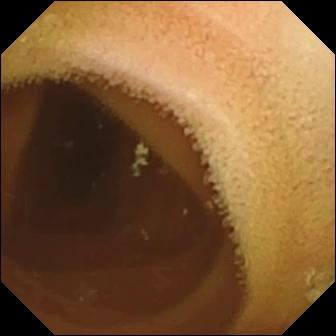{"modality": "capsule endoscopy", "segment": "small bowel", "finding": "normal clean mucosa"}